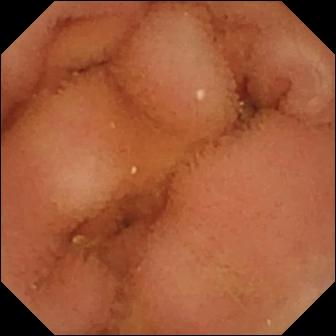PROCEDURE: Capsule endoscopy.
SEGMENT: Small intestine.
FINDINGS: Normal clean mucosa.